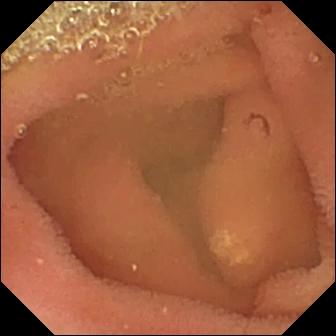- modality: WCE
- label: lymphangiectasia